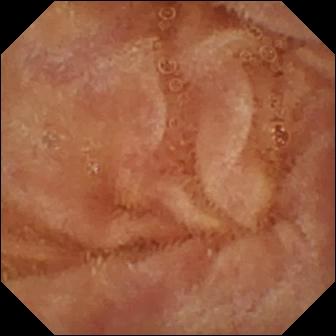WCE — normal clean mucosa.